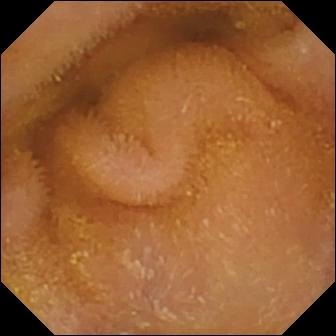Normal clean mucosa — capsule endoscopy image of the small bowel.